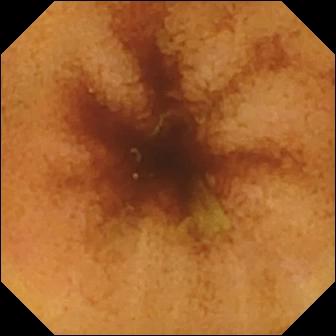Video capsule endoscopy frame
Finding: normal clean mucosa